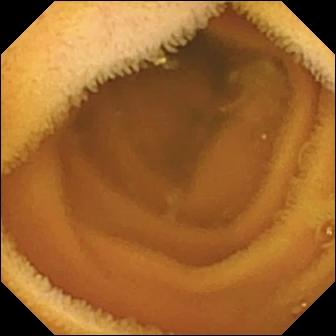Small-bowel capsule endoscopy. Luminal finding. Impression: normal clean mucosa.